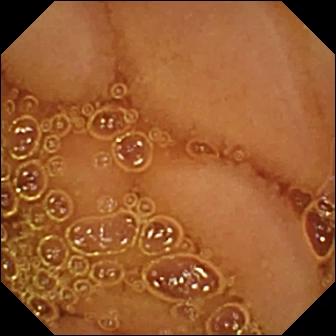- modality: capsule endoscopy
- segment: small bowel
- impression: normal clean mucosa